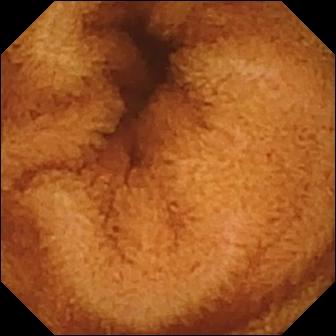Small-bowel capsule endoscopy. Small intestine. Luminal finding. Label: normal clean mucosa.